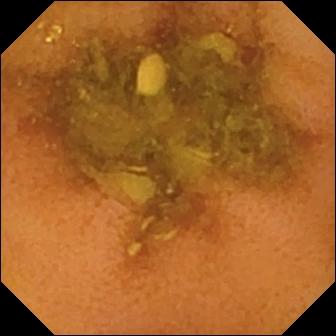Capsule endoscopy snapshot. Normal clean mucosa.